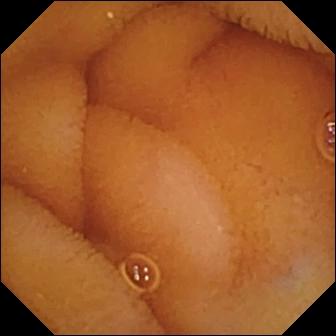VCE — normal clean mucosa.